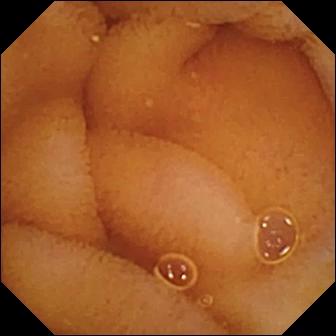This video capsule endoscopy view of the small intestine shows normal clean mucosa.